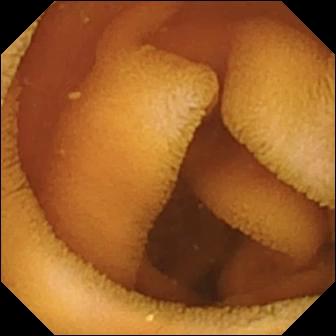Normal clean mucosa.